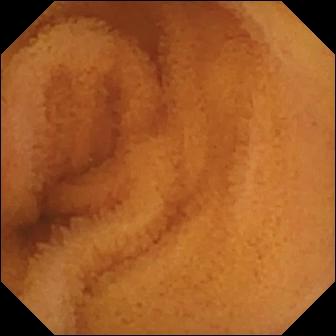Q: What does this wireless capsule endoscopy snapshot show?
A: Normal clean mucosa.